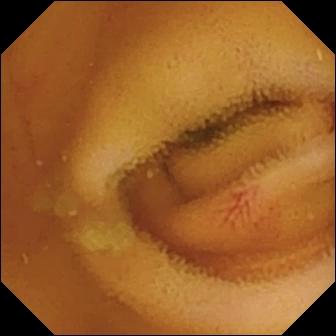WCE snapshot showing angiectasia.